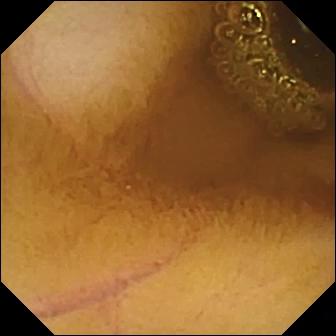- modality: small-bowel capsule endoscopy
- label: normal clean mucosa